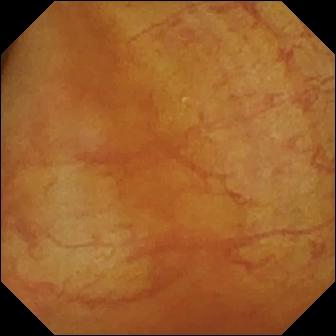{"modality": "VCE", "label": "ileo-cecal valve region (the transition from the small bowel to the large bowel)"}